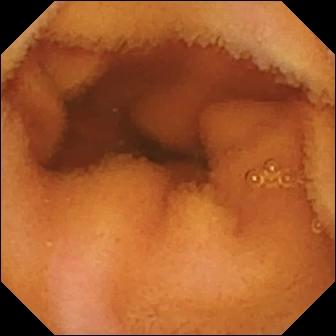Q: What does this WCE still of the small bowel show?
A: Normal clean mucosa.